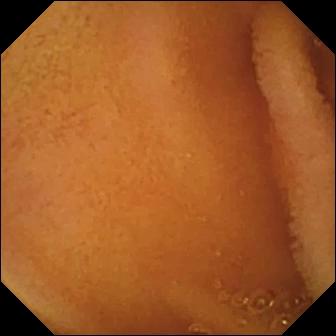Small-bowel capsule endoscopy image showing normal clean mucosa.